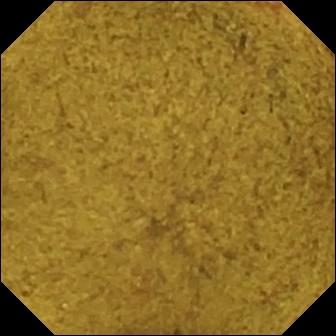Wireless capsule endoscopy — ileo-cecal valve region (where the capsule passes from the small bowel into the large bowel).